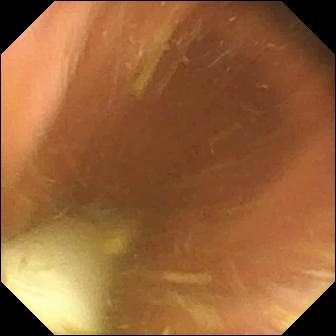{"modality": "wireless capsule endoscopy", "finding": "foreign body (e.g. retained capsule, tablet residue)"}